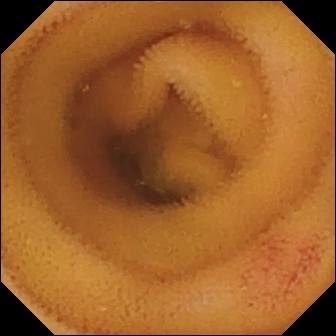Small-bowel capsule endoscopy — angiectasia.